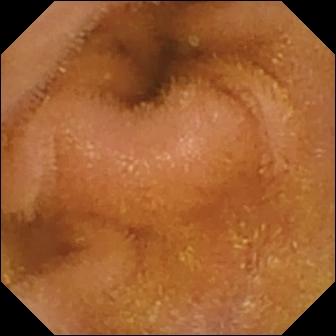Small-bowel capsule endoscopy view, small bowel
Label: normal clean mucosa